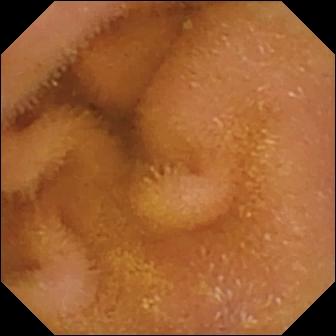PROCEDURE: WCE.
SEGMENT: Small intestine.
FINDINGS: Normal clean mucosa.